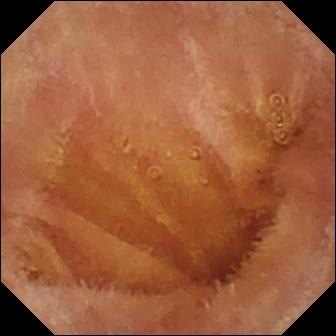This capsule endoscopy image of the small bowel shows normal clean mucosa.